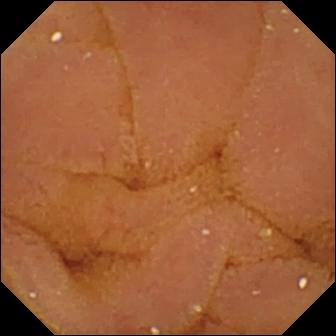Q: What does this small-bowel capsule endoscopy still show?
A: Normal clean mucosa.